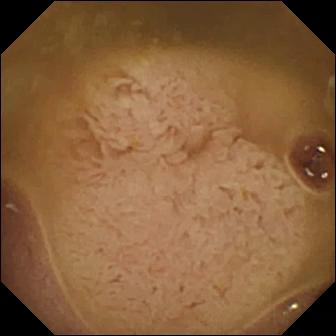PROCEDURE: WCE.
POSITION: Ileo-cecal valve region (the transition from the small bowel to the large bowel).